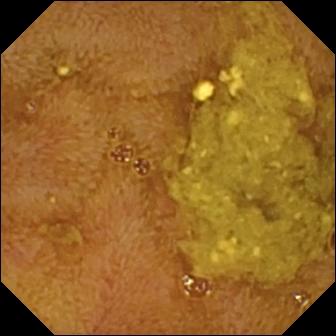This WCE still was taken in the ileo-cecal valve region (where the capsule passes from the small bowel into the large bowel).